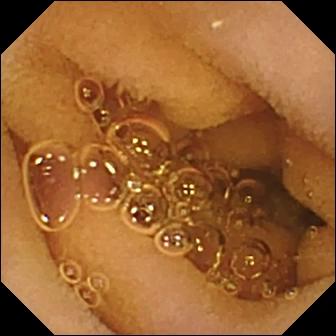- modality: WCE
- segment: small intestine
- impression: normal clean mucosa